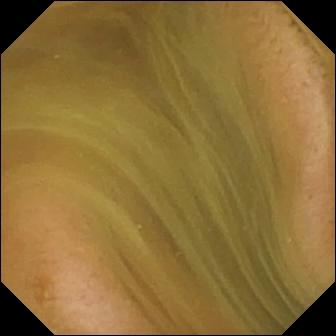Wireless capsule endoscopy image, 336×336. Normal clean mucosa.